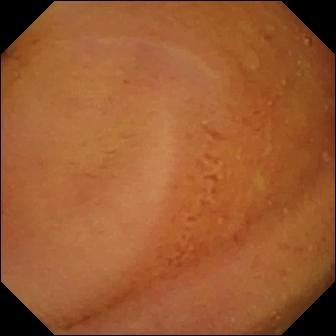Q: What does this WCE still of the small intestine show?
A: Normal clean mucosa.